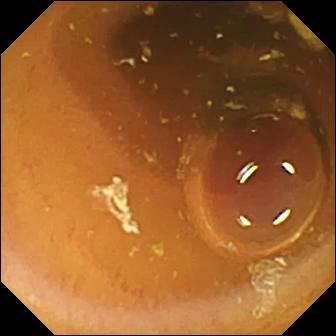Small-bowel capsule endoscopy still showing normal clean mucosa.